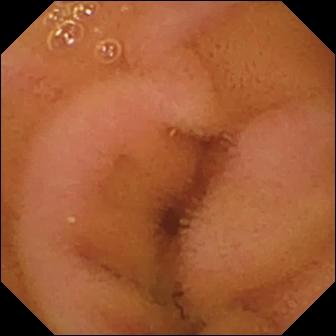PROCEDURE: Wireless capsule endoscopy.
FINDINGS: Normal clean mucosa.